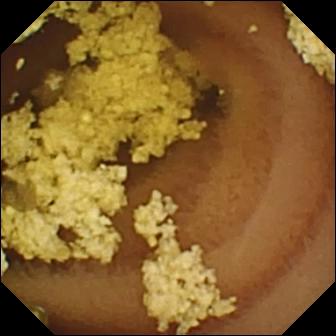Normal clean mucosa — VCE still.